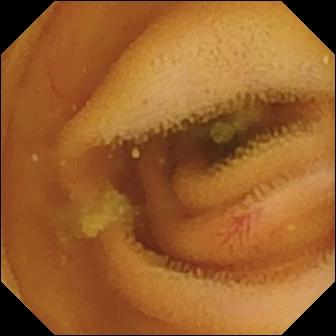{"modality": "video capsule endoscopy", "finding": "angiectasia"}